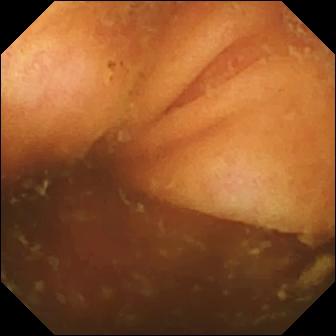modality: VCE | location: ileo-cecal valve region (the transition from the small bowel to the large bowel)